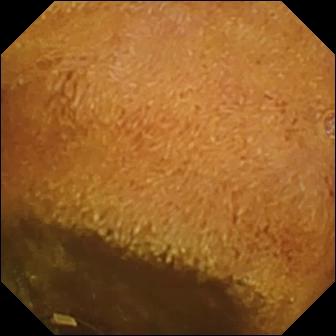Foreign body (e.g. retained capsule, tablet residue).